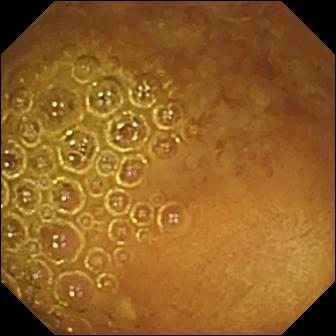modality: capsule endoscopy | segment: small bowel | observation: reduced mucosal view (content or bubbles obscuring the mucosa)